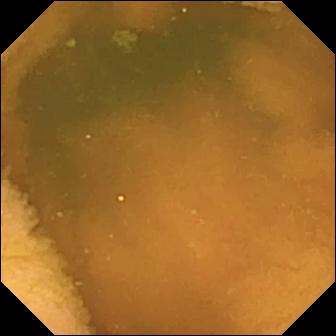This VCE view of the small intestine shows normal clean mucosa.